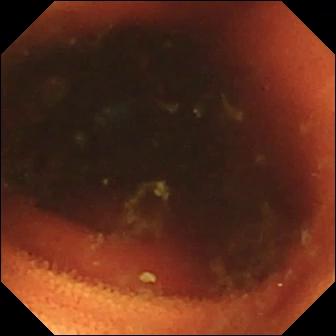modality: small-bowel capsule endoscopy; video segment: ileo-cecal valve region (the transition from the small bowel to the large bowel)